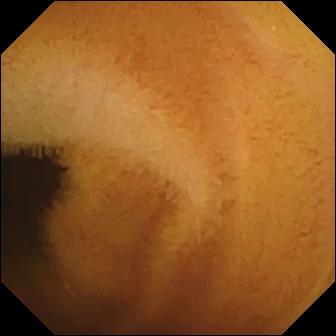Q: What does this WCE frame show?
A: Normal clean mucosa.